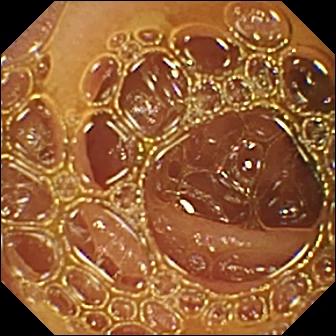- modality: video capsule endoscopy
- segment: small bowel
- impression: normal clean mucosa